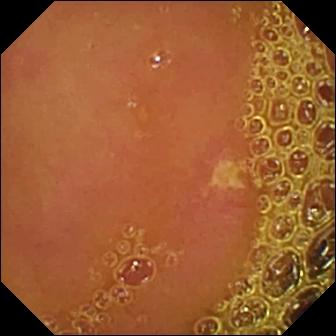Ulcer.